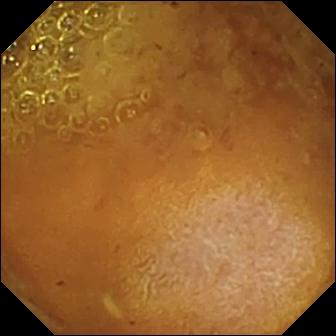VCE still (small intestine). Reduced mucosal view (content or bubbles obscuring the mucosa).